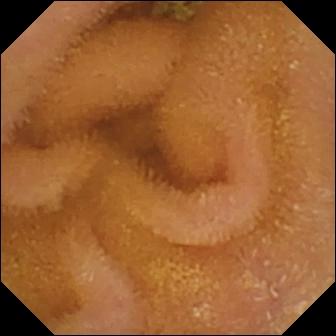Q: What does this capsule endoscopy view of the small intestine show?
A: Normal clean mucosa.